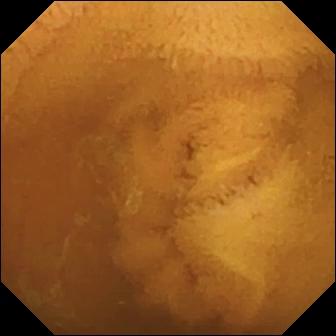This WCE image shows normal clean mucosa.